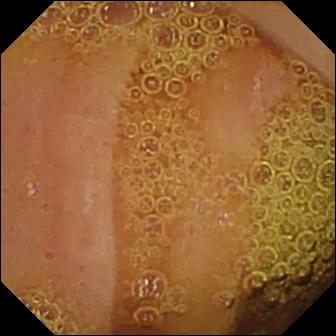Normal clean mucosa (336×336).